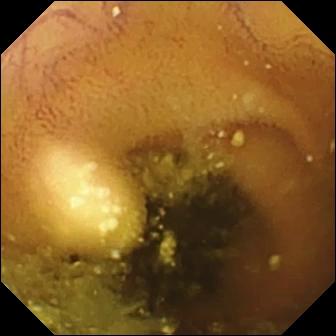- modality: video capsule endoscopy
- observation: lymphangiectasia